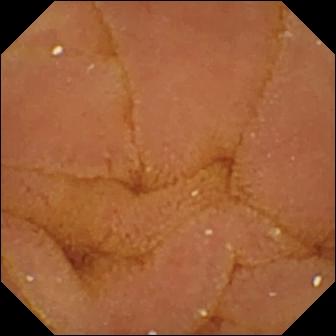This wireless capsule endoscopy view shows normal clean mucosa.